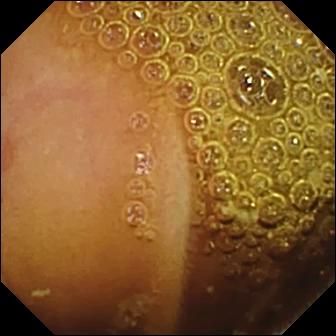PROCEDURE: VCE.
FINDINGS: Normal clean mucosa.